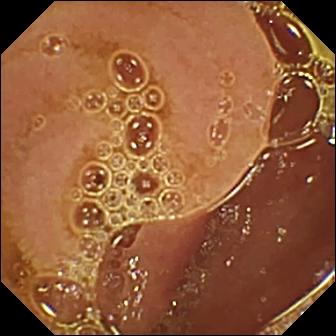PROCEDURE: Wireless capsule endoscopy.
FINDINGS: Normal clean mucosa.